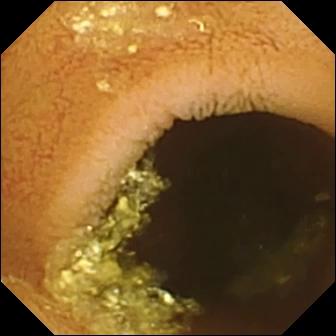Capsule endoscopy view. Normal clean mucosa.